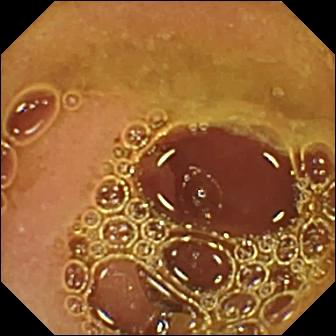modality: VCE | segment: small bowel | label: normal clean mucosa